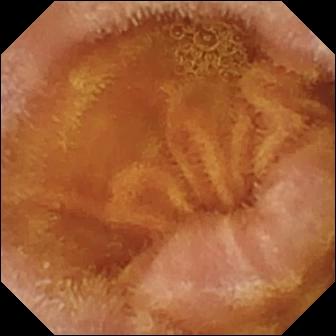Video capsule endoscopy. Label: normal clean mucosa.